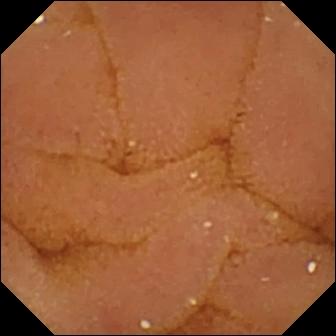Capsule endoscopy still. Normal clean mucosa.